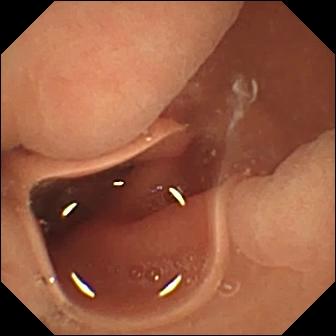Normal clean mucosa (336×336).